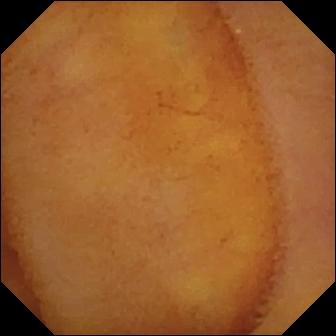Q: What does this capsule endoscopy snapshot of the small intestine show?
A: Normal clean mucosa.